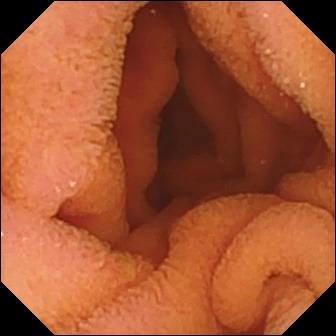PROCEDURE: Capsule endoscopy.
SEGMENT: Small intestine.
FINDINGS: Normal clean mucosa.